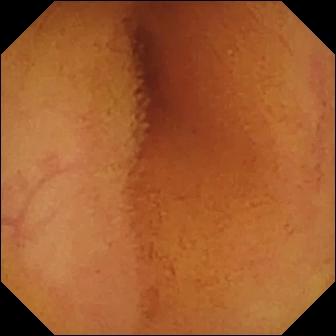Q: What does this VCE image of the small intestine show?
A: Normal clean mucosa.